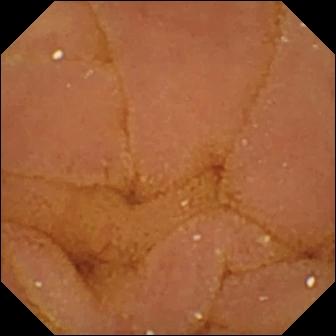Normal clean mucosa — capsule endoscopy image.